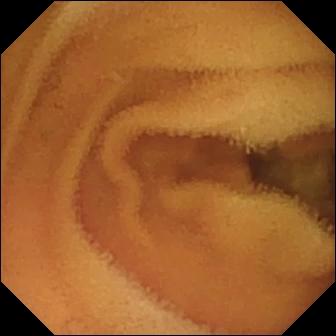WCE. Finding: normal clean mucosa.